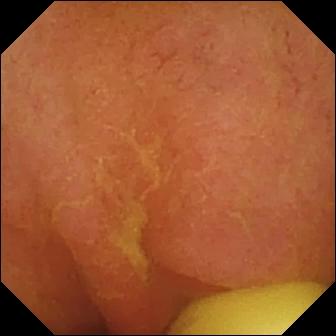VCE view, 336×336. Foreign body (e.g. retained capsule, tablet residue).